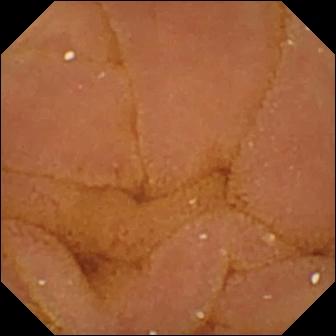VCE — normal clean mucosa.